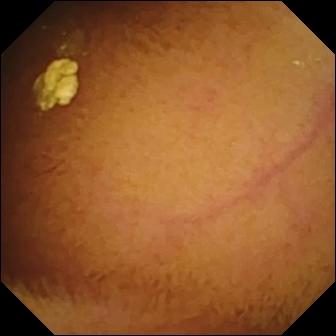modality: video capsule endoscopy; segment: small intestine; impression: normal clean mucosa